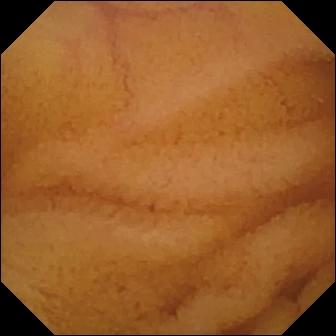This WCE still shows normal clean mucosa.